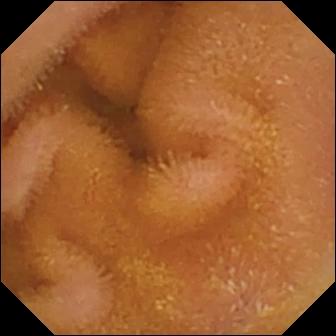PROCEDURE: VCE.
SEGMENT: Small intestine.
FINDINGS: Normal clean mucosa.